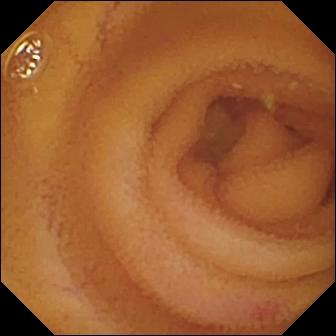Wireless capsule endoscopy view
Label: angiectasia